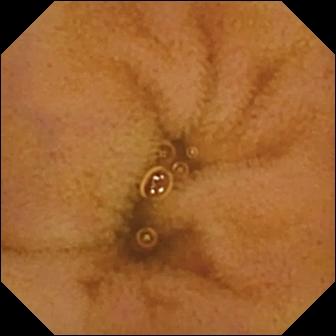{"modality": "capsule endoscopy", "finding": "normal clean mucosa"}